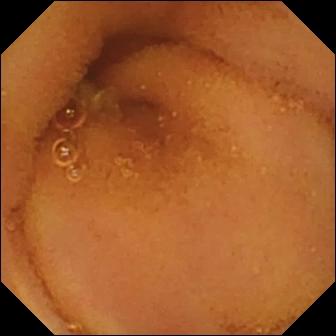Q: What does this wireless capsule endoscopy still of the small intestine show?
A: Normal clean mucosa.